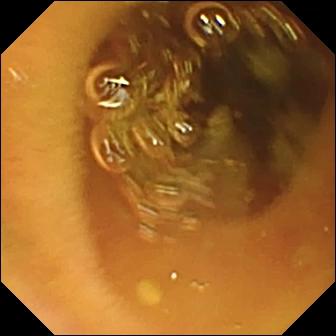Normal clean mucosa — wireless capsule endoscopy still.